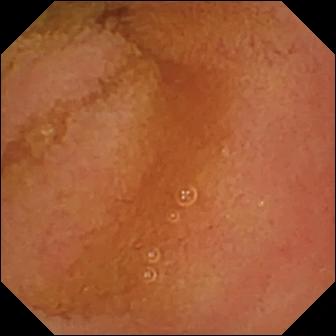WCE — normal clean mucosa.